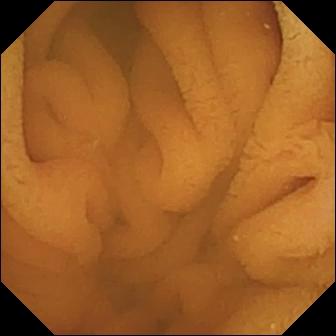{"modality": "capsule endoscopy", "finding": "normal clean mucosa"}